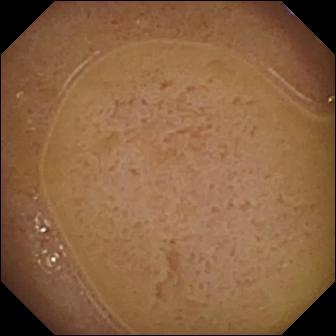VCE frame. Taken in the ileo-cecal valve region (the transition from the small bowel to the large bowel).